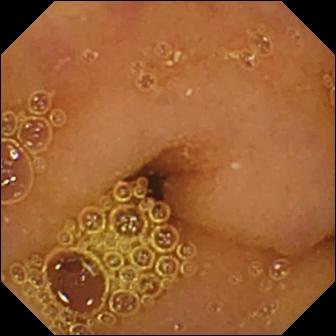modality: WCE
label: normal clean mucosa